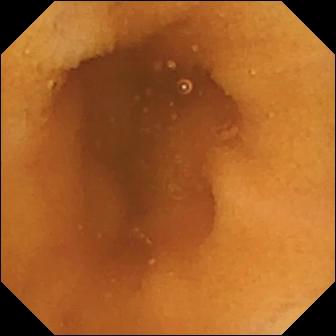Capsule endoscopy image of the small intestine showing normal clean mucosa.